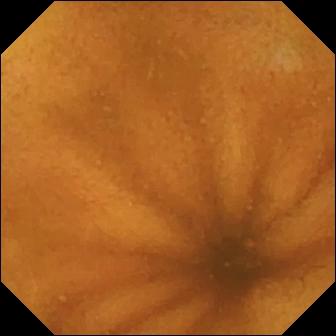WCE still (small bowel). Normal clean mucosa.